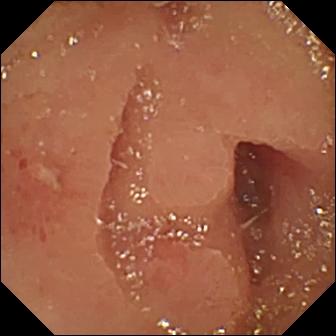- modality: capsule endoscopy
- impression: erosion